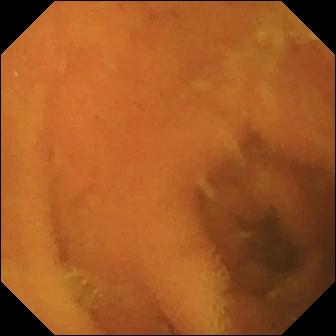- modality: VCE
- segment: small intestine
- category: luminal finding
- label: normal clean mucosa